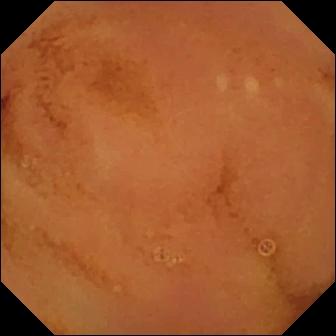- modality: VCE
- segment: small intestine
- category: luminal finding
- observation: normal clean mucosa